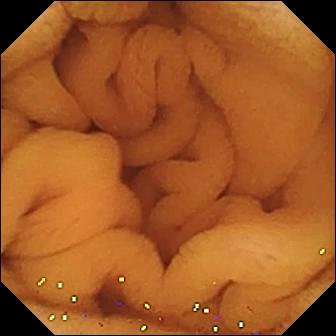PROCEDURE: WCE.
SEGMENT: Small bowel.
FINDINGS: Normal clean mucosa.